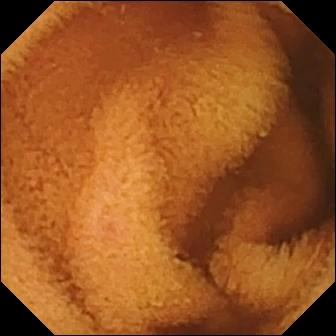WCE — normal clean mucosa.